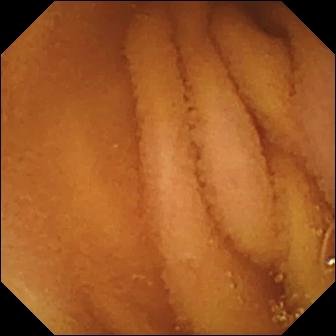This capsule endoscopy image shows normal clean mucosa.